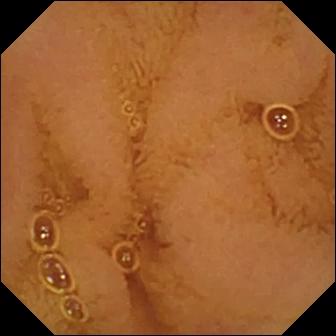modality: wireless capsule endoscopy; segment: small bowel; label: normal clean mucosa